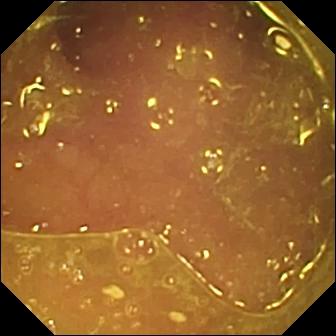This small-bowel capsule endoscopy view shows reduced mucosal view (content or bubbles obscuring the mucosa).